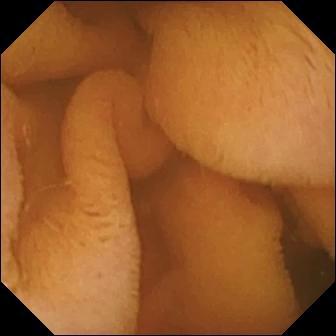{"modality": "WCE", "segment": "small bowel", "finding": "normal clean mucosa"}